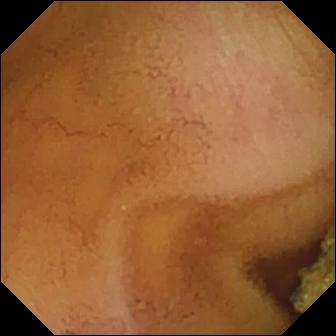modality: video capsule endoscopy
impression: normal clean mucosa